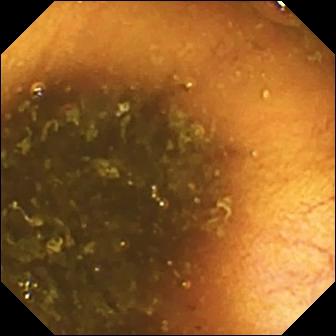Q: Where in the digestive tract was this WCE frame taken?
A: Ileo-cecal valve region (where the capsule passes from the small bowel into the large bowel).